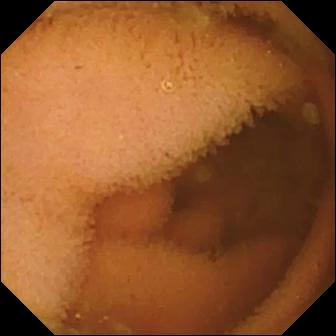Wireless capsule endoscopy snapshot, 336×336. Normal clean mucosa.